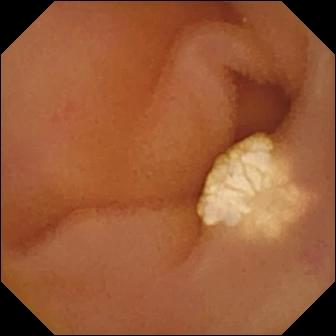PROCEDURE: VCE.
FINDINGS: Lymphangiectasia.